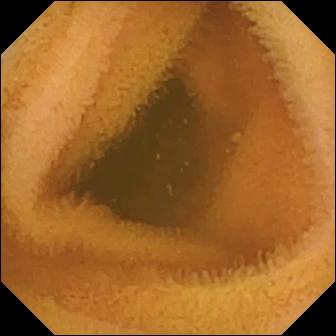Normal clean mucosa — WCE frame of the small bowel.